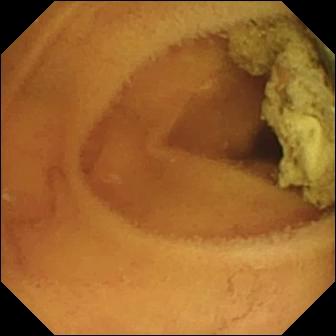PROCEDURE: Wireless capsule endoscopy.
SEGMENT: Small intestine.
FINDINGS: Normal clean mucosa.